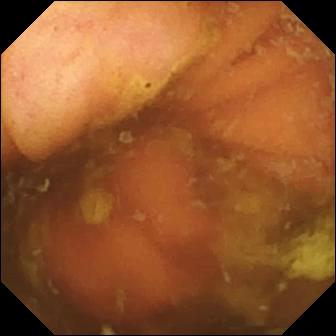modality: WCE
position: ileo-cecal valve region (where the capsule passes from the small bowel into the large bowel)